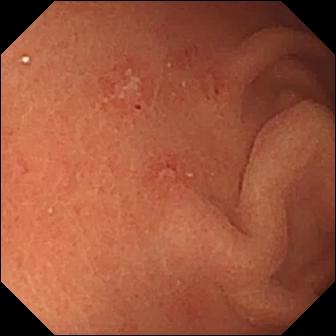Capsule endoscopy — erosion.